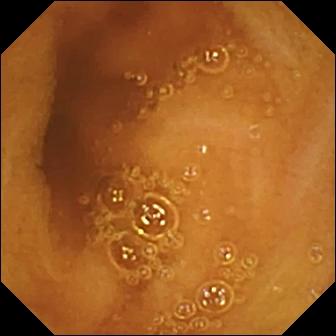PROCEDURE: Capsule endoscopy.
SEGMENT: Small intestine.
FINDINGS: Normal clean mucosa.